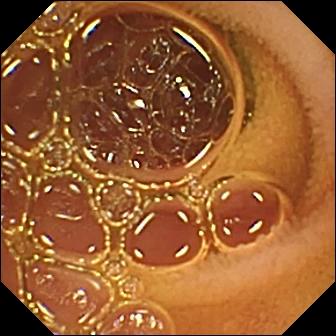WCE — normal clean mucosa.